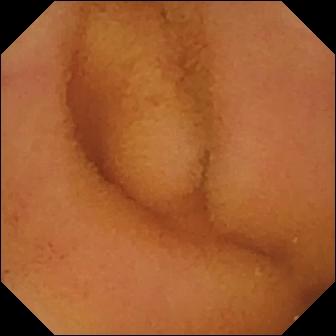VCE — normal clean mucosa.